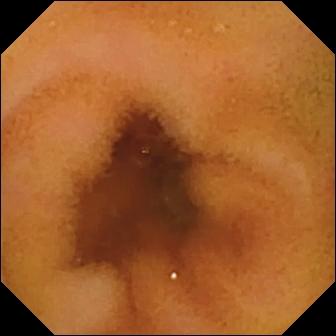Small-bowel capsule endoscopy frame (small intestine). Normal clean mucosa.